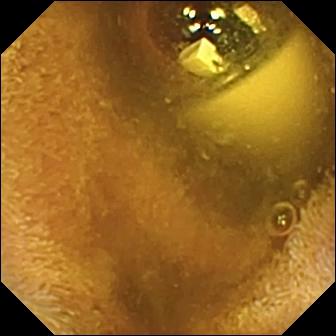PROCEDURE: Wireless capsule endoscopy.
FINDINGS: Foreign body (e.g. retained capsule, tablet residue).